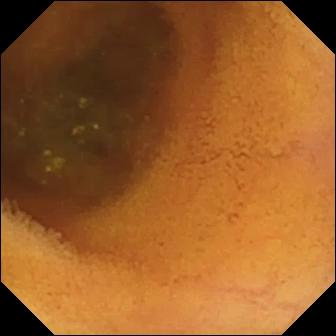Video capsule endoscopy image of the small bowel showing normal clean mucosa.